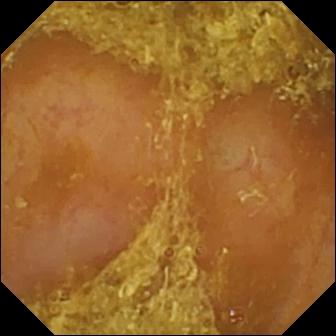Reduced mucosal view (content or bubbles obscuring the mucosa).